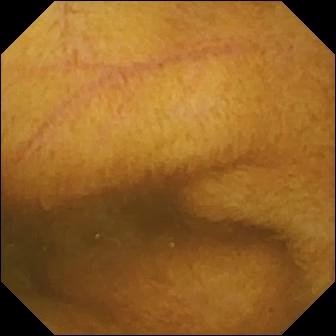Normal clean mucosa.